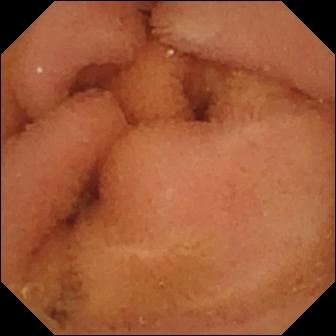Normal clean mucosa.